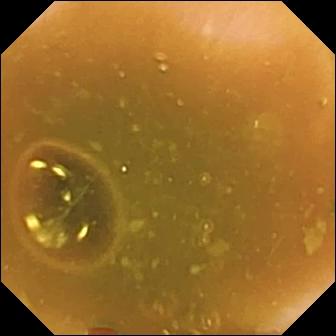Q: Where in the digestive tract was this small-bowel capsule endoscopy view taken?
A: Ileo-cecal valve region (where the capsule passes from the small bowel into the large bowel).